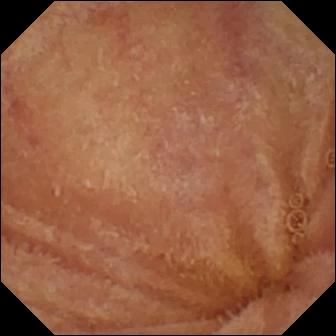Normal clean mucosa (336×336).